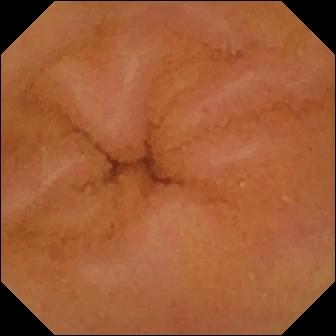Normal clean mucosa — VCE snapshot.